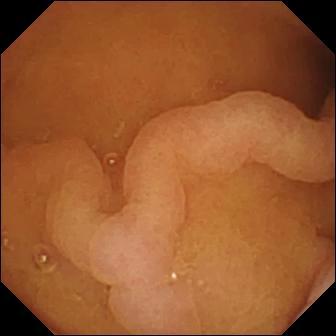Pylorus region (where the capsule passes from the stomach into the small bowel).